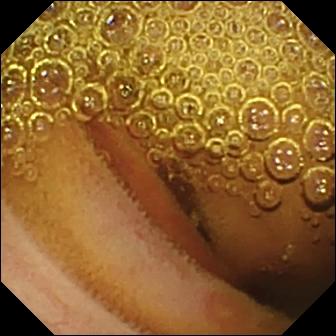VCE still
Observation: erosion